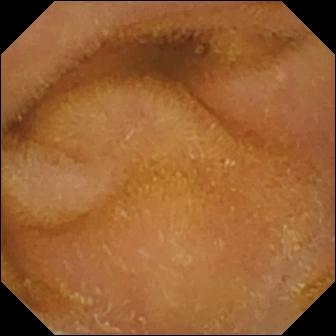- modality: video capsule endoscopy
- label: normal clean mucosa